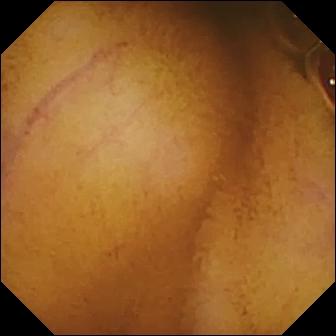Capsule endoscopy frame showing normal clean mucosa.